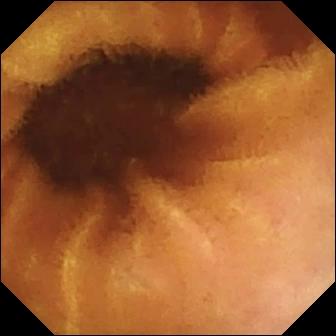This WCE view shows normal clean mucosa.